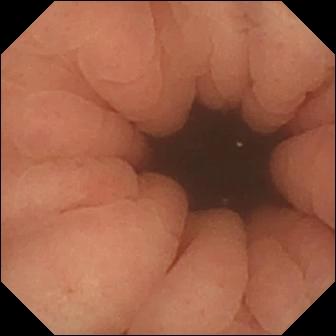Pylorus region (where the capsule passes from the stomach into the small bowel) — video capsule endoscopy snapshot.